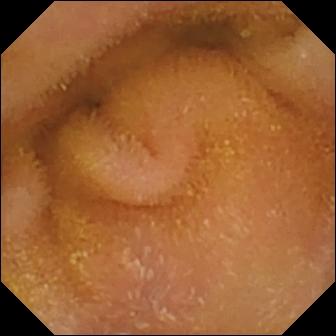PROCEDURE: Wireless capsule endoscopy.
FINDINGS: Normal clean mucosa.